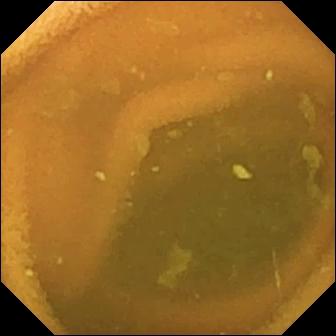modality: wireless capsule endoscopy
label: normal clean mucosa